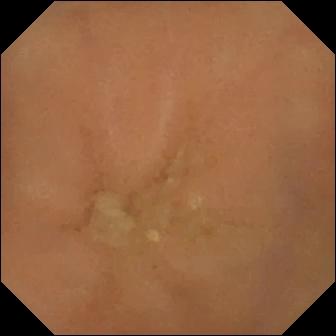{"modality": "video capsule endoscopy", "finding": "normal clean mucosa"}